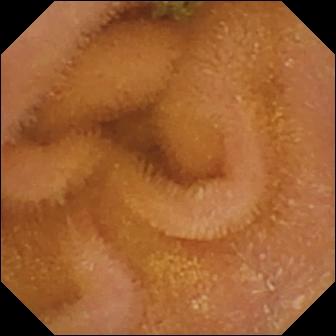Normal clean mucosa.